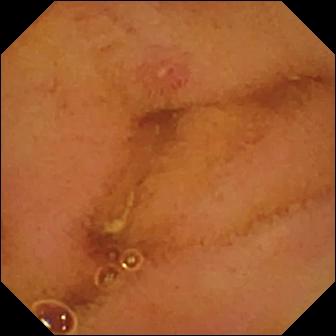Erosion.